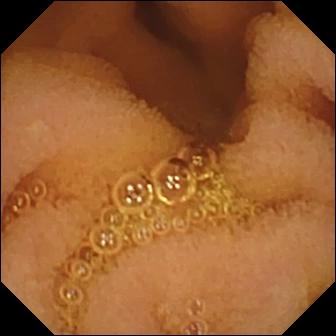This small-bowel capsule endoscopy view shows normal clean mucosa.